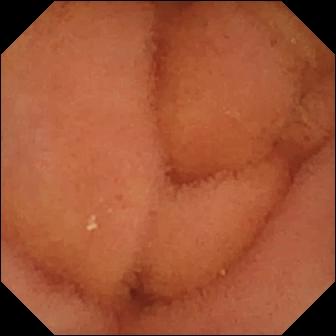PROCEDURE: Small-bowel capsule endoscopy.
FINDINGS: Normal clean mucosa.